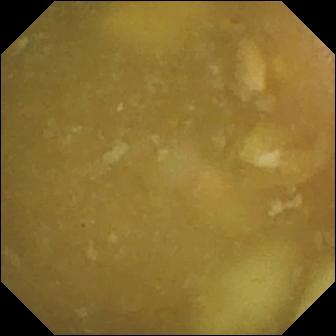modality: capsule endoscopy; category: anatomical landmark; position: ileo-cecal valve region (the transition from the small bowel to the large bowel)